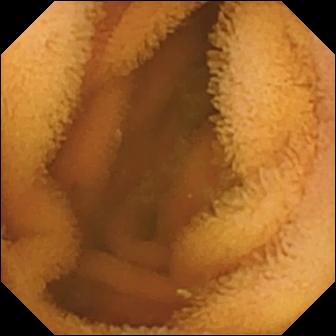Q: What does this wireless capsule endoscopy frame of the small bowel show?
A: Normal clean mucosa.